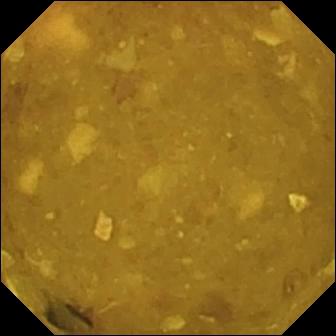Video capsule endoscopy still, 336×336. Reduced mucosal view (content or bubbles obscuring the mucosa).